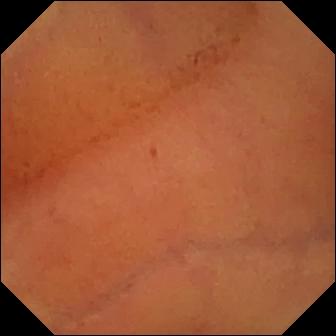PROCEDURE: WCE.
FINDINGS: Normal clean mucosa.